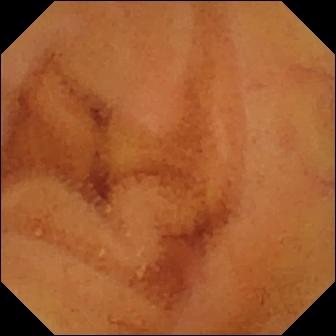Capsule endoscopy snapshot showing normal clean mucosa.